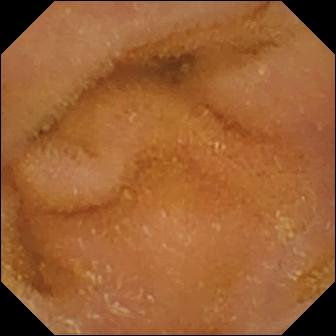PROCEDURE: WCE.
FINDINGS: Normal clean mucosa.